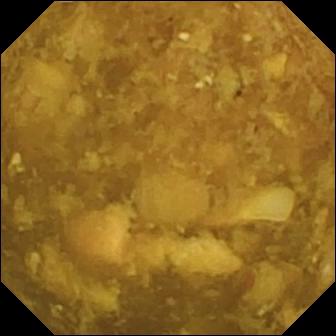Wireless capsule endoscopy image of the small intestine showing reduced mucosal view (content or bubbles obscuring the mucosa).